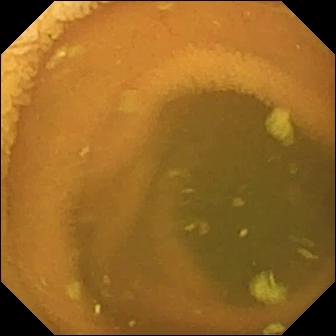Capsule endoscopy. Small intestine. Finding: normal clean mucosa.